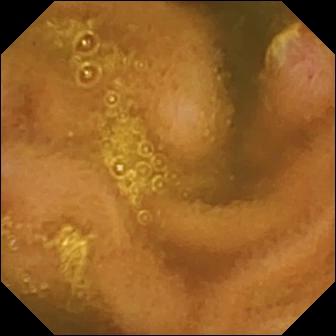- modality: WCE
- category: luminal finding
- impression: ulcer